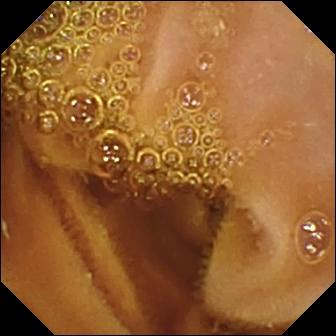modality: video capsule endoscopy; segment: small intestine; category: luminal finding; label: normal clean mucosa